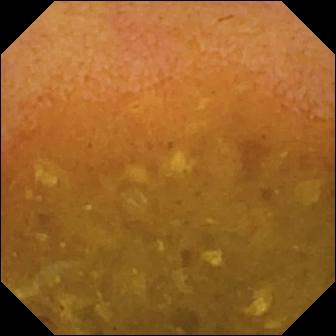WCE. Luminal finding. Impression: reduced mucosal view (content or bubbles obscuring the mucosa).